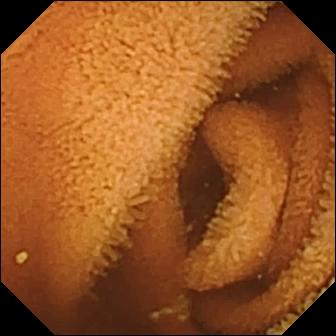modality: wireless capsule endoscopy | segment: small intestine | finding: normal clean mucosa